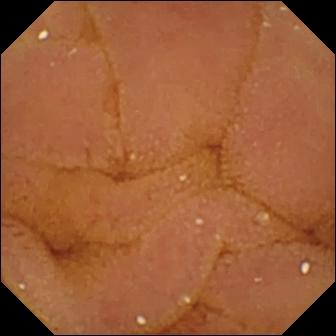Q: What does this VCE snapshot of the small intestine show?
A: Normal clean mucosa.